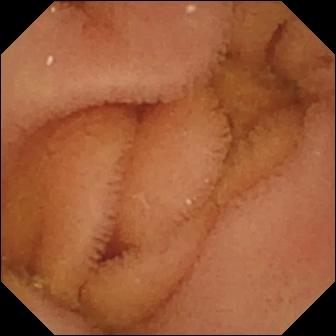{"modality": "wireless capsule endoscopy", "category": "luminal finding", "finding": "normal clean mucosa"}